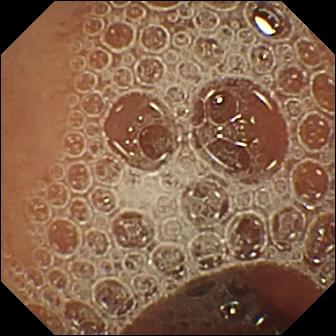This VCE view shows normal clean mucosa.